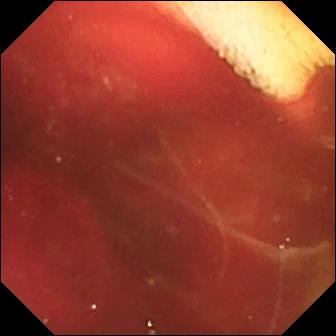PROCEDURE: WCE.
FINDINGS: Fresh blood in the lumen.